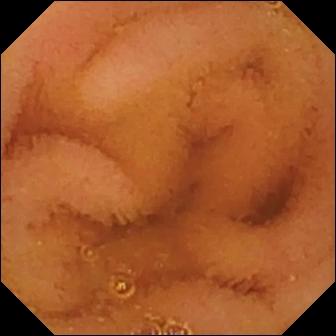VCE. Label: normal clean mucosa.